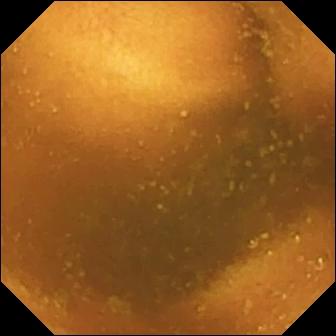Normal clean mucosa (336×336).